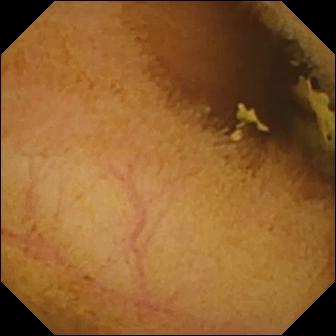Video capsule endoscopy. Small intestine. Luminal finding. Observation: normal clean mucosa.